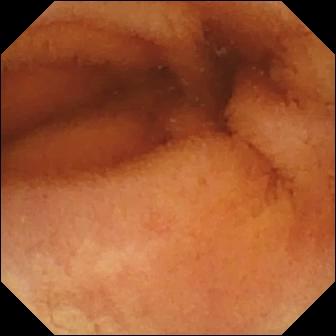This small-bowel capsule endoscopy still shows normal clean mucosa.